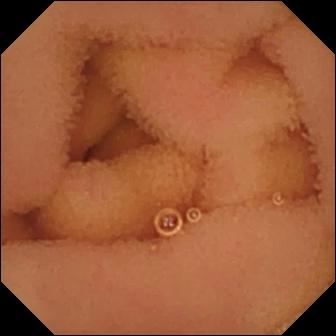{"modality": "WCE", "segment": "small bowel", "finding": "normal clean mucosa"}